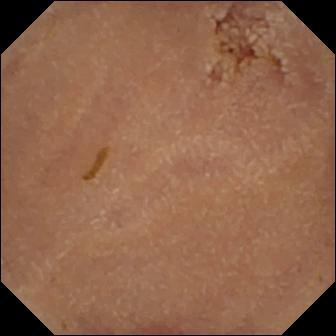PROCEDURE: VCE.
SEGMENT: Small bowel.
FINDINGS: Normal clean mucosa.